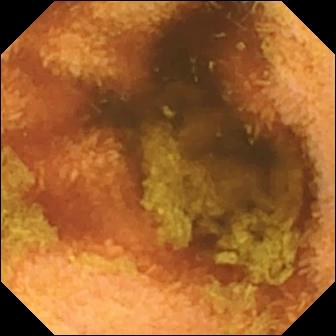Small-bowel capsule endoscopy view. Normal clean mucosa.